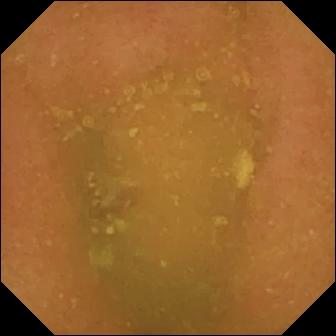VCE frame
Label: normal clean mucosa